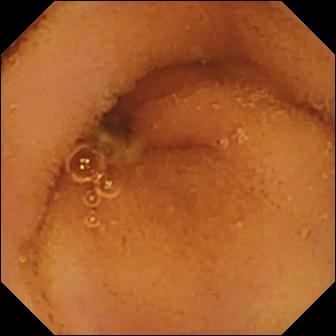{"modality": "wireless capsule endoscopy", "segment": "small intestine", "finding": "normal clean mucosa"}